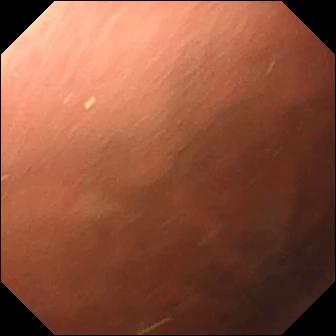Small-bowel capsule endoscopy frame taken in the pylorus region.